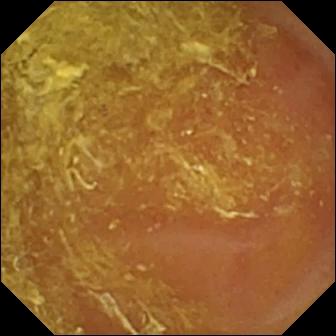VCE image. Reduced mucosal view (content or bubbles obscuring the mucosa).